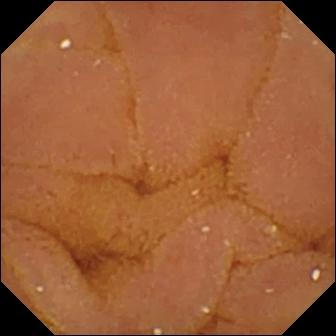Video capsule endoscopy frame (small intestine). Normal clean mucosa.